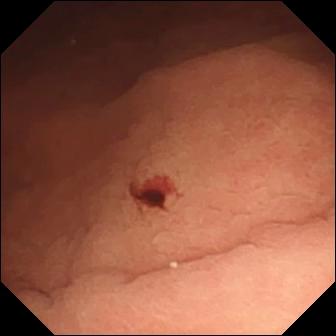{"modality": "capsule endoscopy", "category": "luminal finding", "finding": "angiectasia"}